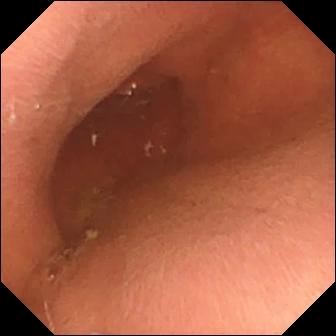modality: wireless capsule endoscopy | video segment: pylorus region (the junction between the stomach and the small bowel)